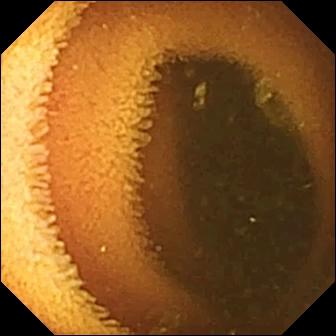{"modality": "small-bowel capsule endoscopy", "segment": "small intestine", "finding": "normal clean mucosa"}